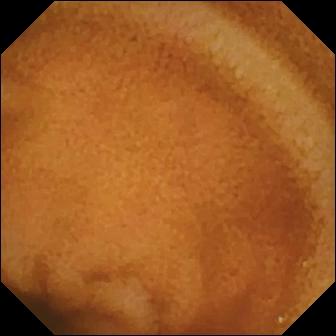- modality: small-bowel capsule endoscopy
- label: normal clean mucosa